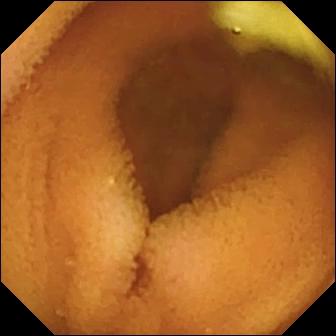PROCEDURE: Video capsule endoscopy.
SEGMENT: Small intestine.
FINDINGS: Normal clean mucosa.